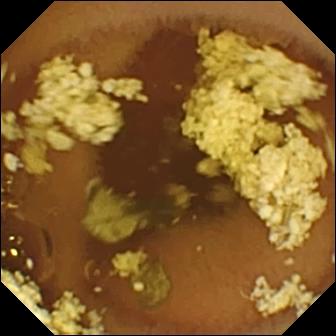WCE image (small bowel), 336×336. Normal clean mucosa.